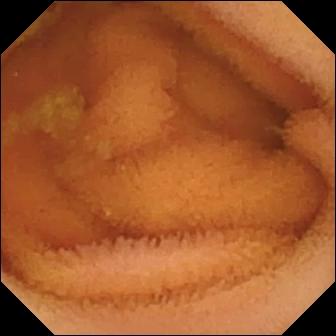Q: What does this small-bowel capsule endoscopy image show?
A: Normal clean mucosa.